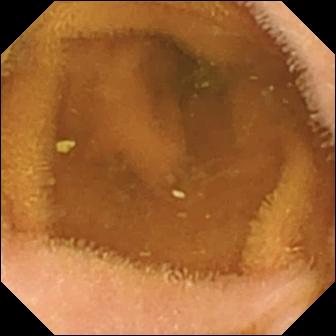modality: capsule endoscopy | impression: normal clean mucosa